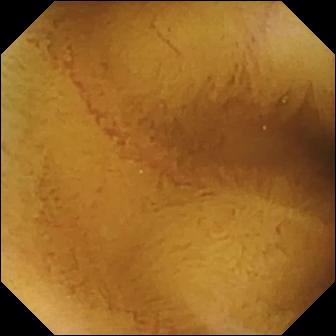Video capsule endoscopy — normal clean mucosa.